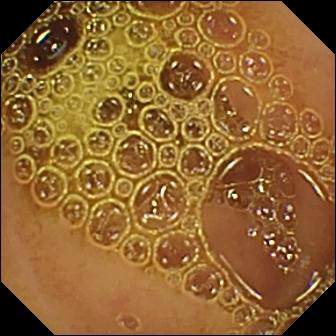- modality: small-bowel capsule endoscopy
- segment: small bowel
- category: luminal finding
- finding: normal clean mucosa